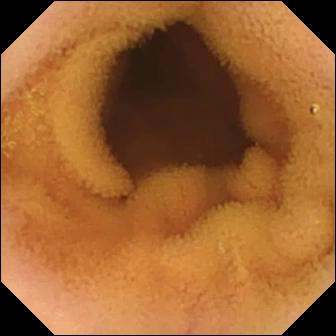Q: What does this capsule endoscopy snapshot of the small bowel show?
A: Normal clean mucosa.